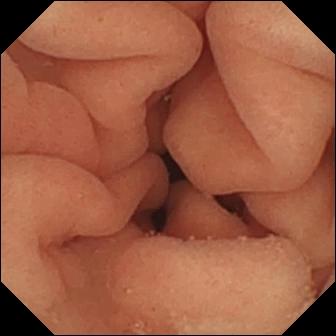modality: WCE | position: pylorus region (where the capsule passes from the stomach into the small bowel)